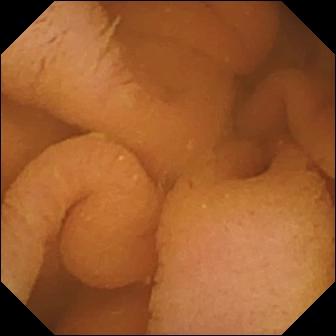This VCE image shows normal clean mucosa.